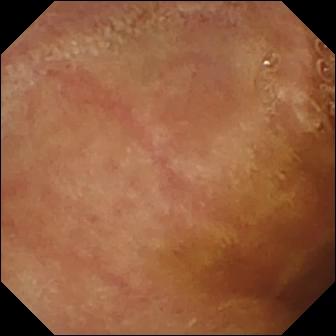Capsule endoscopy. Small bowel. Label: normal clean mucosa.